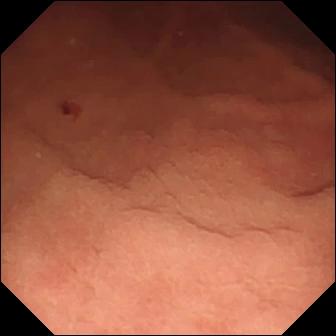Capsule endoscopy frame
Finding: angiectasia